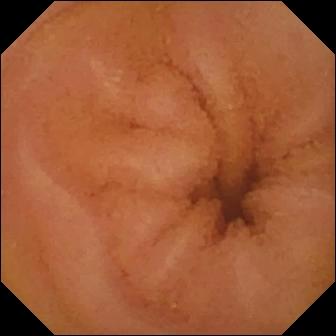Wireless capsule endoscopy. Small intestine. Label: normal clean mucosa.